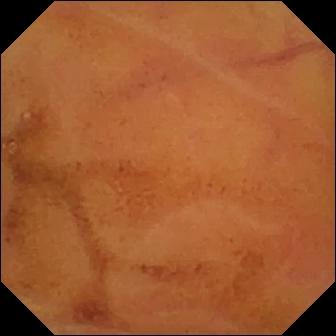- modality: WCE
- finding: normal clean mucosa